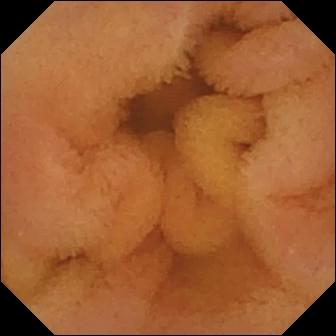Normal clean mucosa — WCE frame of the small intestine.